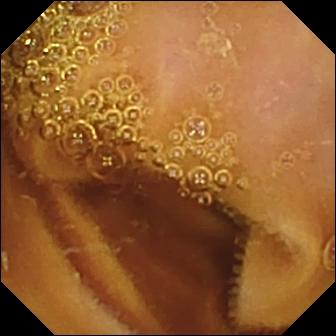This small-bowel capsule endoscopy view shows normal clean mucosa.